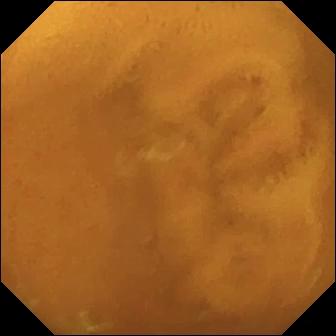VCE image
Observation: normal clean mucosa